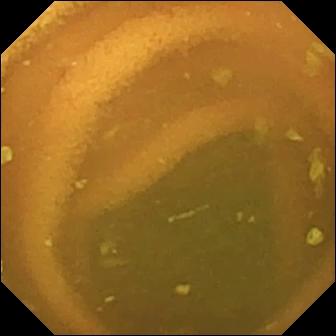PROCEDURE: Wireless capsule endoscopy.
SEGMENT: Small intestine.
FINDINGS: Normal clean mucosa.